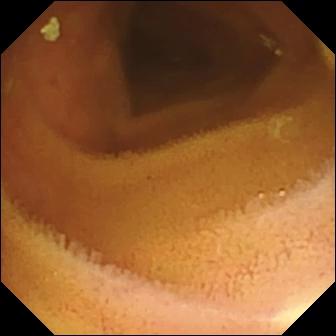Normal clean mucosa.